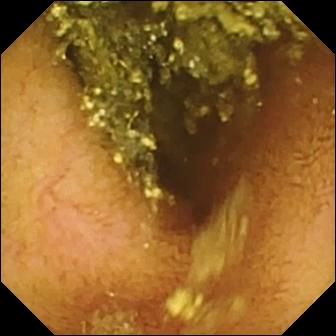WCE. Small bowel. Observation: normal clean mucosa.